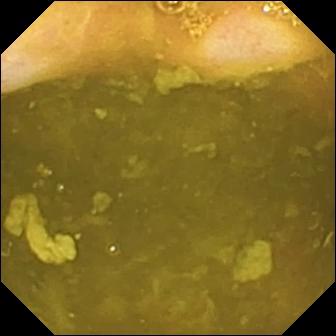This capsule endoscopy snapshot was taken in the ileo-cecal valve region (the transition from the small bowel to the large bowel).